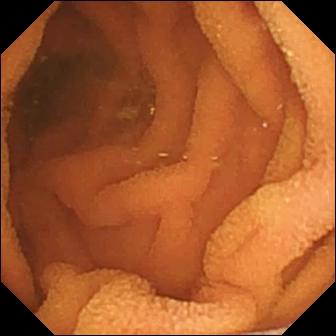This small-bowel capsule endoscopy view of the small intestine shows normal clean mucosa.